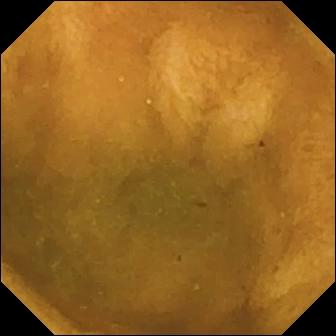- modality: capsule endoscopy
- category: luminal finding
- impression: normal clean mucosa